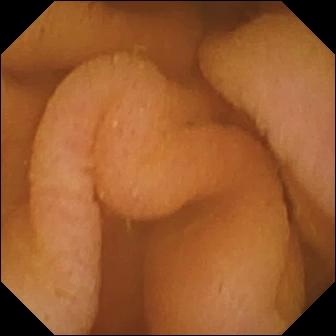Normal clean mucosa — WCE view of the small bowel.